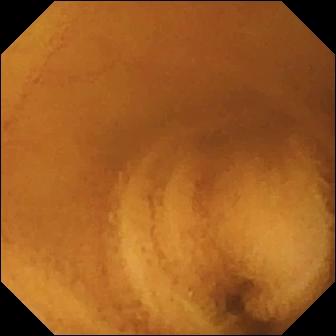modality: capsule endoscopy; finding: normal clean mucosa